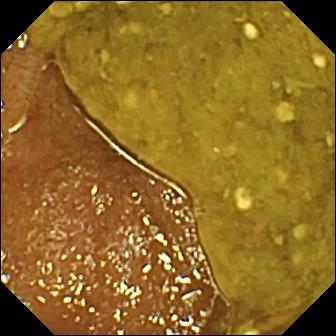{"modality": "capsule endoscopy", "video_segment": "ileo-cecal valve region (the transition from the small bowel to the large bowel)"}